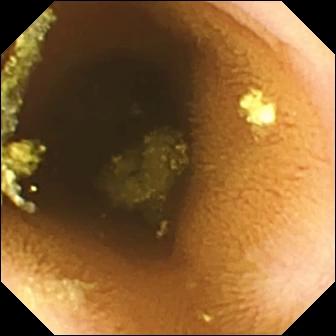PROCEDURE: Wireless capsule endoscopy.
FINDINGS: Normal clean mucosa.